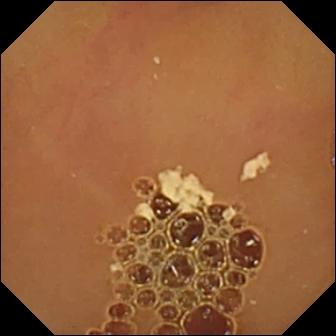Wireless capsule endoscopy — normal clean mucosa.